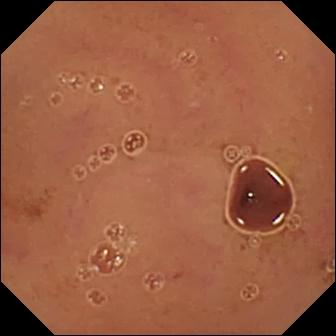modality: capsule endoscopy; observation: normal clean mucosa